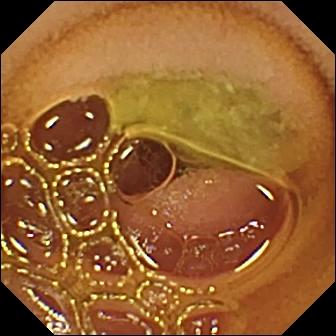modality: wireless capsule endoscopy; category: luminal finding; finding: normal clean mucosa